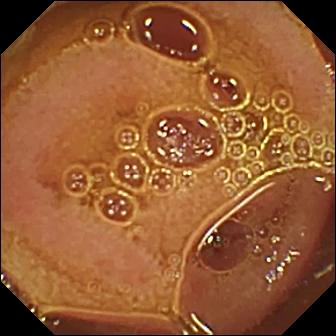Normal clean mucosa — video capsule endoscopy still of the small intestine.